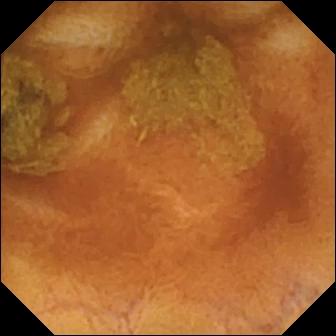Normal clean mucosa — capsule endoscopy frame of the small bowel.